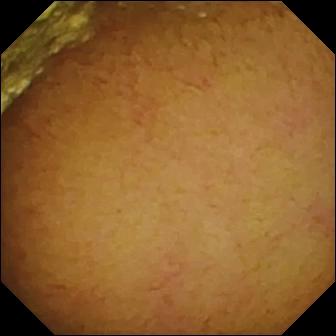This video capsule endoscopy frame shows normal clean mucosa.